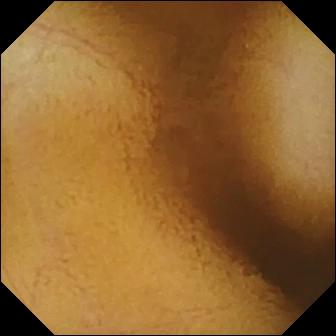Q: What does this wireless capsule endoscopy frame of the small bowel show?
A: Normal clean mucosa.